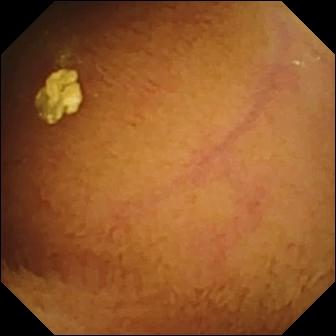This VCE still shows normal clean mucosa.